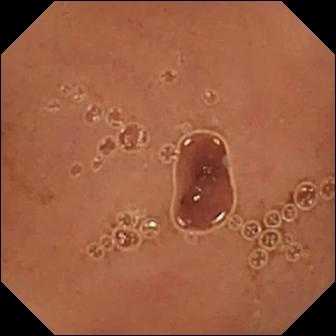Normal clean mucosa.